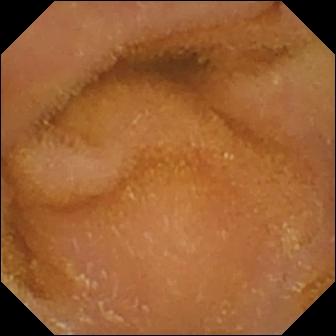Normal clean mucosa (336×336).